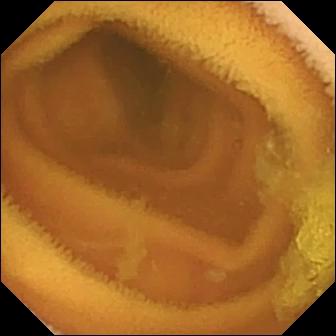Wireless capsule endoscopy. Impression: normal clean mucosa.